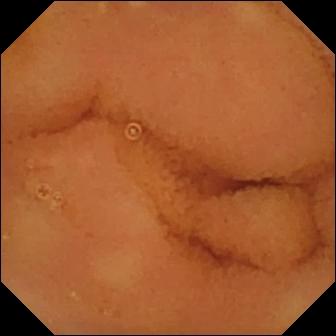WCE still (small intestine). Normal clean mucosa.